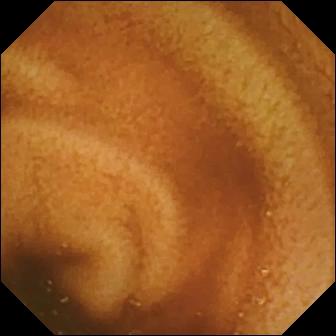PROCEDURE: WCE.
FINDINGS: Normal clean mucosa.